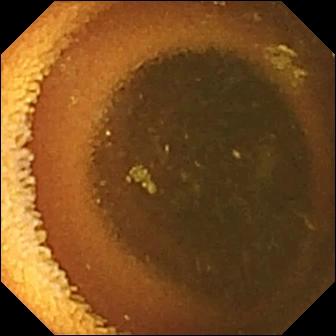{"modality": "capsule endoscopy", "finding": "normal clean mucosa"}